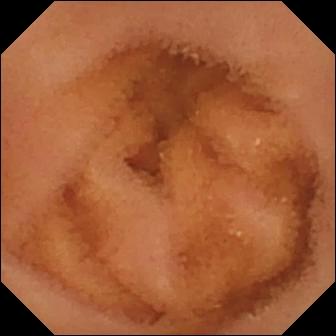Capsule endoscopy still, small intestine
Finding: normal clean mucosa